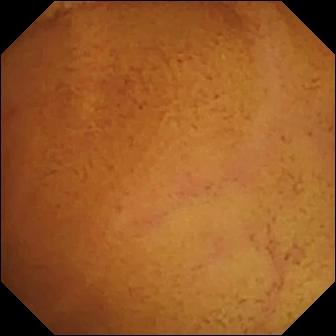Normal clean mucosa (336×336).